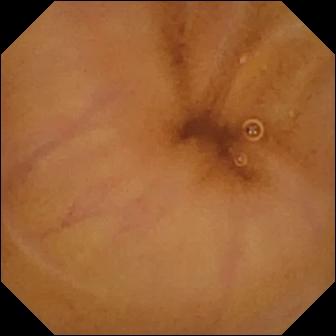WCE snapshot. Normal clean mucosa.